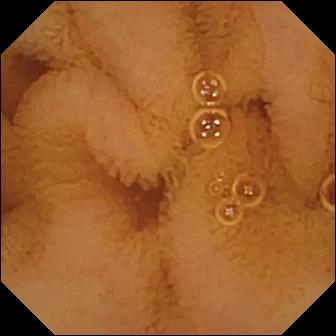PROCEDURE: Small-bowel capsule endoscopy.
FINDINGS: Normal clean mucosa.